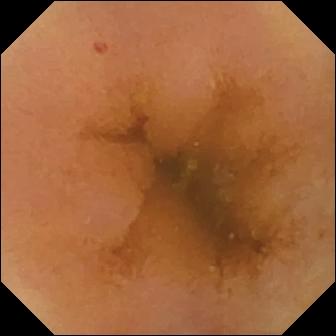modality: small-bowel capsule endoscopy; category: luminal finding; finding: normal clean mucosa